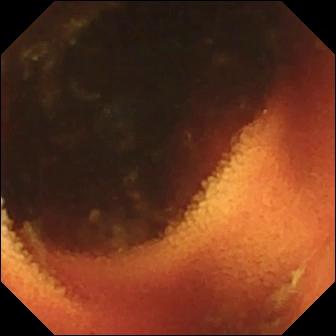Ileo-cecal valve region (the transition from the small bowel to the large bowel), 336×336.